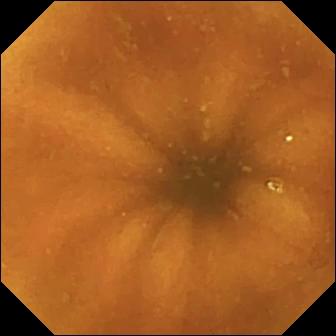Video capsule endoscopy — normal clean mucosa.